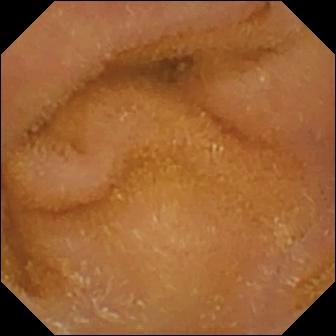PROCEDURE: WCE.
FINDINGS: Normal clean mucosa.